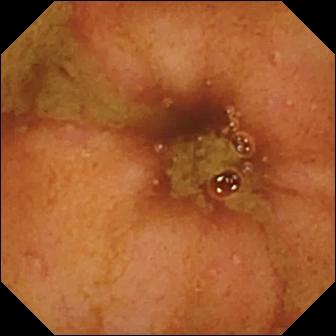Ileo-cecal valve region (the transition from the small bowel to the large bowel) — small-bowel capsule endoscopy still.